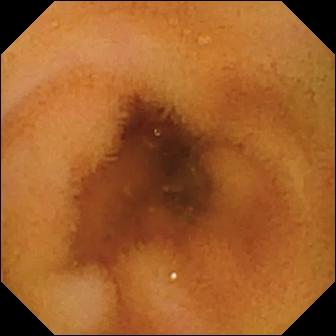Q: What does this wireless capsule endoscopy snapshot of the small intestine show?
A: Normal clean mucosa.